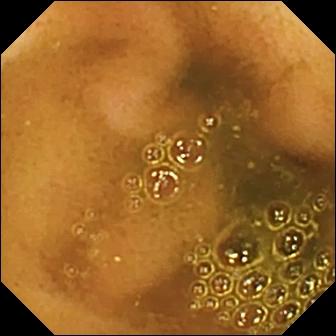Capsule endoscopy. Position: ileo-cecal valve region (where the capsule passes from the small bowel into the large bowel).